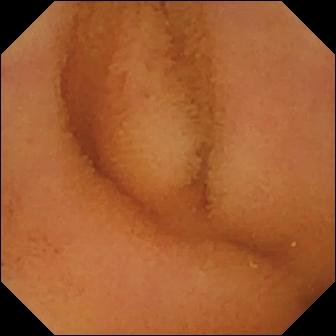- modality: VCE
- observation: normal clean mucosa